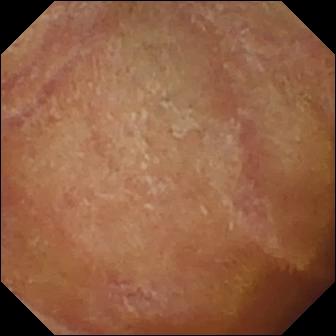This small-bowel capsule endoscopy snapshot of the small bowel shows normal clean mucosa.